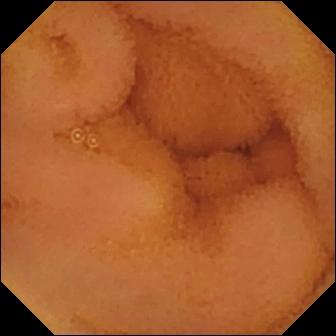Q: What does this video capsule endoscopy still show?
A: Normal clean mucosa.